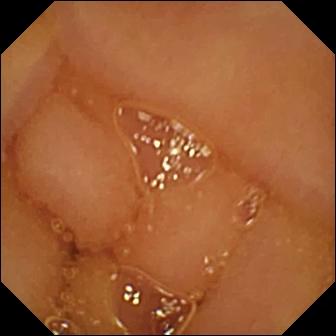{"modality": "VCE", "segment": "small intestine", "finding": "normal clean mucosa"}